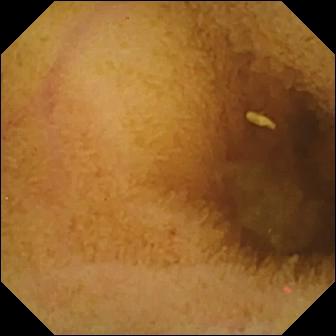modality: video capsule endoscopy | label: normal clean mucosa